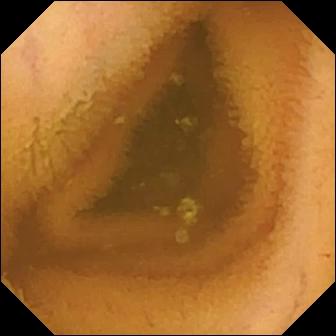Small-bowel capsule endoscopy frame showing normal clean mucosa.